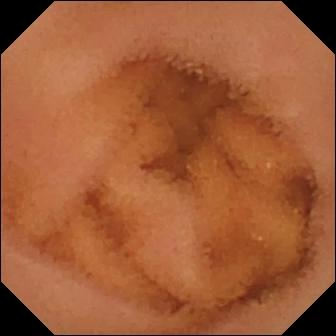PROCEDURE: VCE.
SEGMENT: Small intestine.
FINDINGS: Normal clean mucosa.